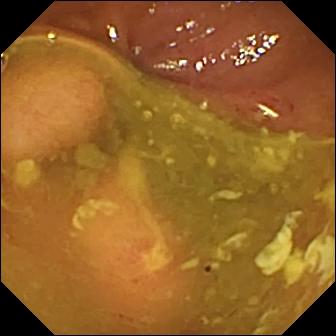PROCEDURE: Wireless capsule endoscopy.
FINDINGS: Ulcer.